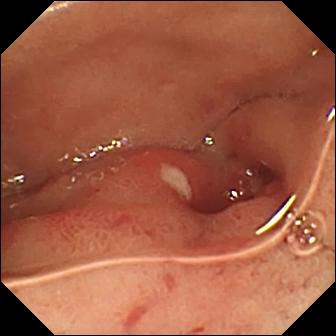modality: video capsule endoscopy
label: ulcer